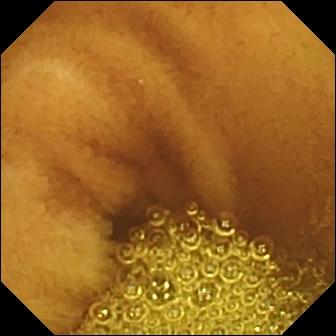- modality: VCE
- segment: small intestine
- category: luminal finding
- observation: normal clean mucosa